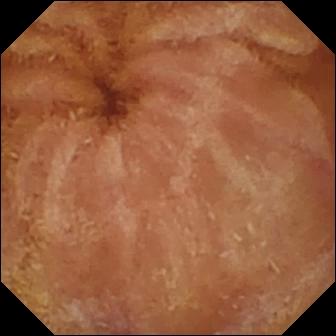PROCEDURE: WCE.
FINDINGS: Normal clean mucosa.